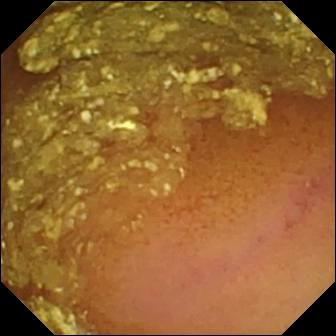modality: small-bowel capsule endoscopy; label: normal clean mucosa